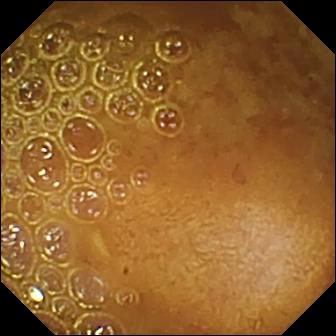VCE image showing reduced mucosal view (content or bubbles obscuring the mucosa).